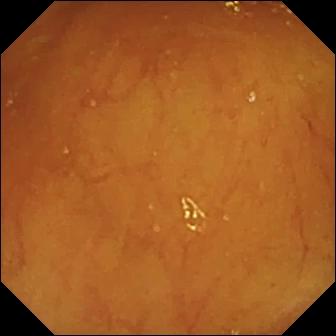Ileo-cecal valve region — VCE snapshot.